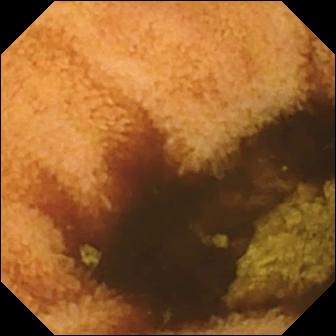VCE snapshot of the small intestine showing normal clean mucosa.